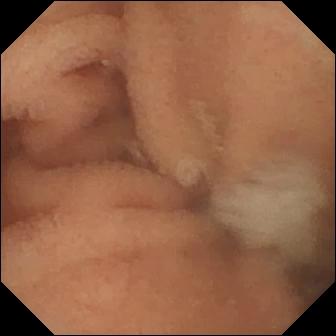Normal clean mucosa — capsule endoscopy still of the small bowel.